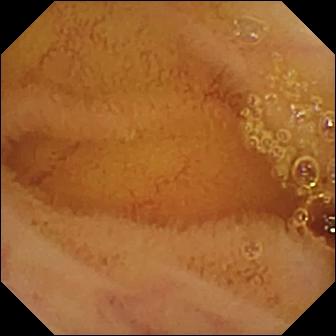{"modality": "small-bowel capsule endoscopy", "segment": "small intestine", "finding": "normal clean mucosa"}